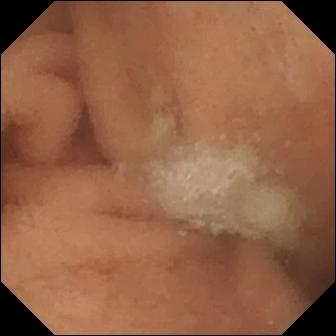modality: small-bowel capsule endoscopy | segment: small bowel | category: luminal finding | label: normal clean mucosa